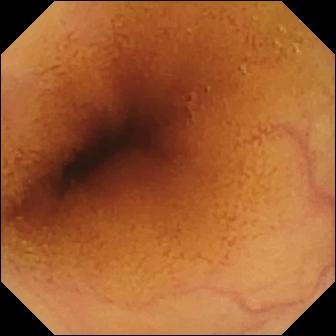This capsule endoscopy image shows normal clean mucosa.